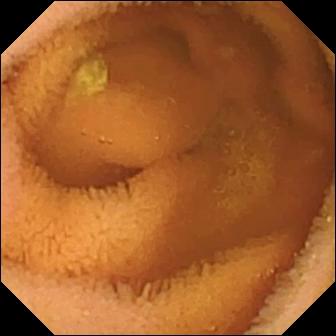This VCE still shows normal clean mucosa.